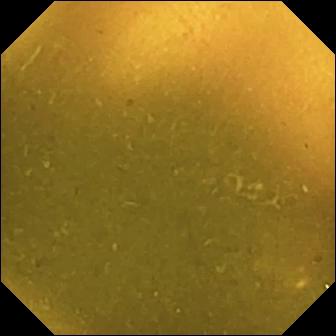{"modality": "capsule endoscopy", "location": "ileo-cecal valve region (where the capsule passes from the small bowel into the large bowel)"}